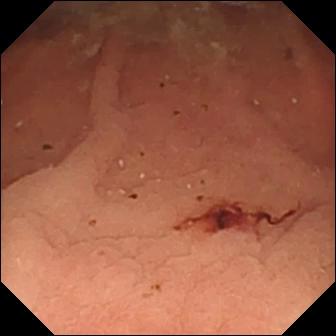modality: VCE; observation: fresh blood in the lumen